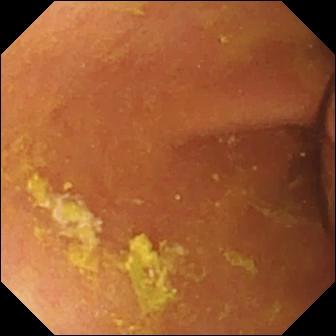WCE view, 336×336. Foreign body (e.g. retained capsule, tablet residue).